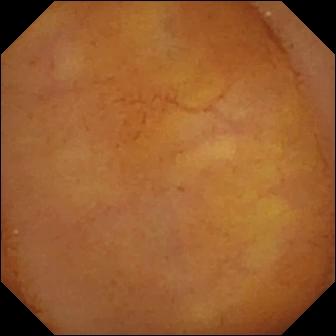Capsule endoscopy — normal clean mucosa.